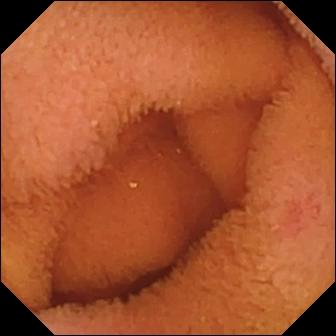{"modality": "wireless capsule endoscopy", "segment": "small bowel", "finding": "normal clean mucosa"}